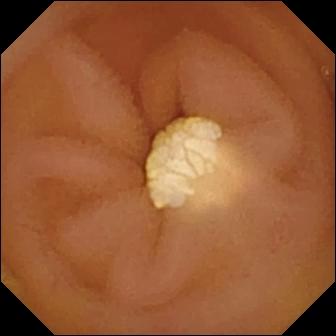Q: What does this VCE view show?
A: Lymphangiectasia.